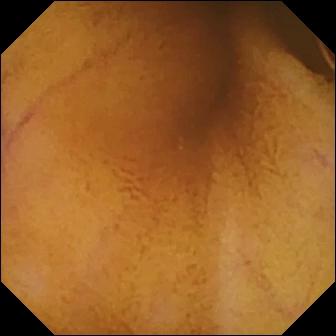This video capsule endoscopy still shows normal clean mucosa.